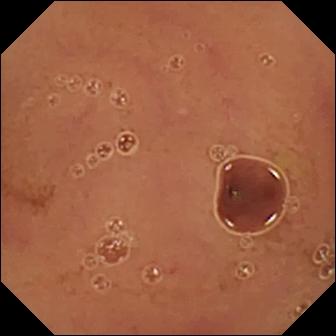Normal clean mucosa — VCE frame.